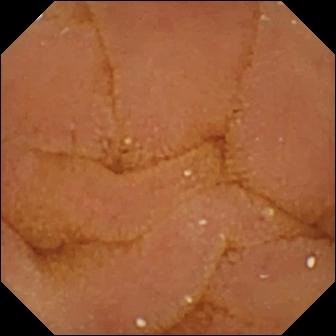This small-bowel capsule endoscopy snapshot of the small intestine shows normal clean mucosa.